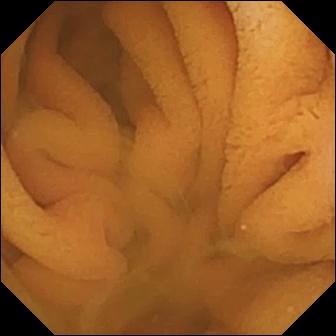VCE — normal clean mucosa.